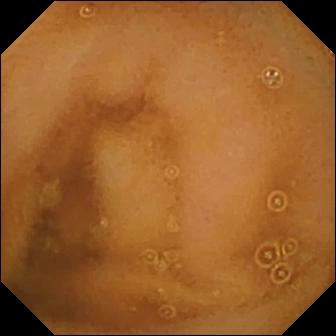modality: WCE; segment: small bowel; category: luminal finding; label: normal clean mucosa